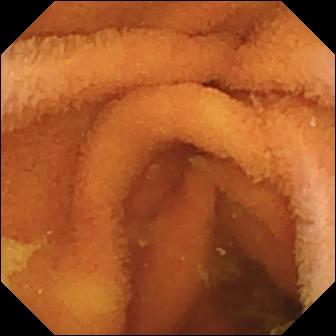Normal clean mucosa — wireless capsule endoscopy still of the small bowel.